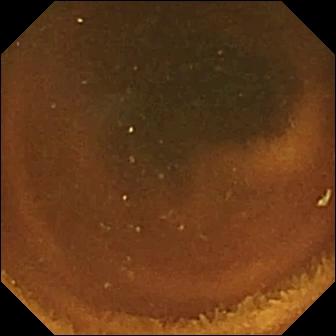- modality: video capsule endoscopy
- label: normal clean mucosa